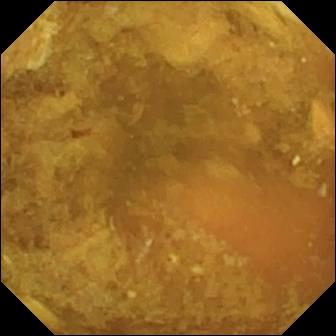Capsule endoscopy snapshot. Reduced mucosal view (content or bubbles obscuring the mucosa).